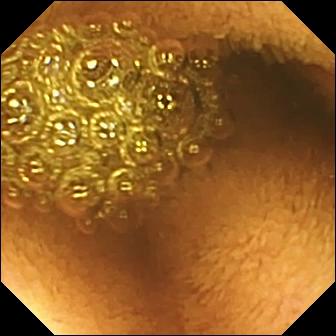modality: capsule endoscopy
label: reduced mucosal view (content or bubbles obscuring the mucosa)